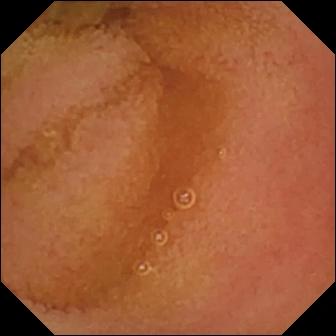VCE. Small bowel. Impression: normal clean mucosa.